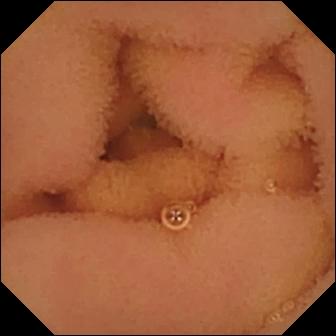PROCEDURE: VCE.
FINDINGS: Normal clean mucosa.